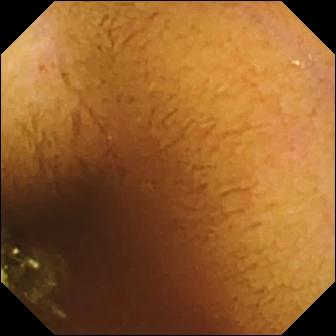This wireless capsule endoscopy view of the small intestine shows normal clean mucosa.